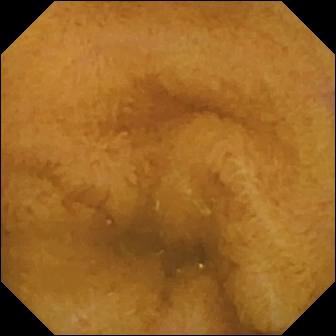PROCEDURE: WCE.
SEGMENT: Small bowel.
FINDINGS: Normal clean mucosa.